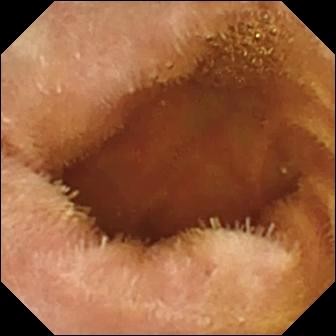WCE view, small intestine
Label: normal clean mucosa